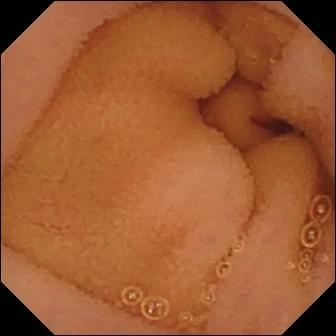PROCEDURE: WCE.
SEGMENT: Small intestine.
FINDINGS: Normal clean mucosa.